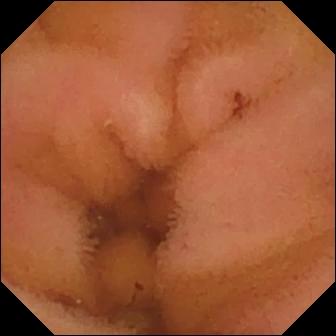Video capsule endoscopy — normal clean mucosa.